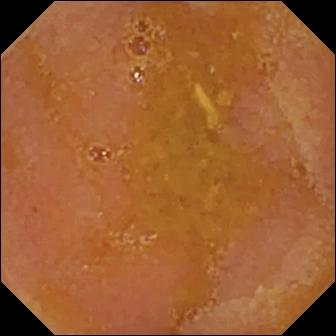Reduced mucosal view (content or bubbles obscuring the mucosa).